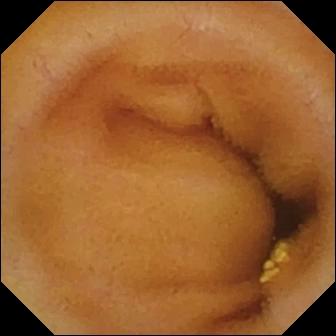Video capsule endoscopy — lymphangiectasia.